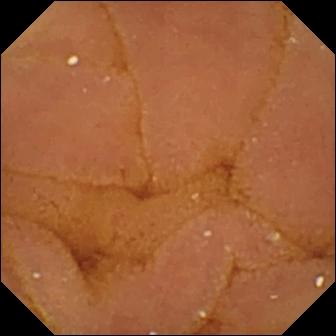Capsule endoscopy. Luminal finding. Label: normal clean mucosa.